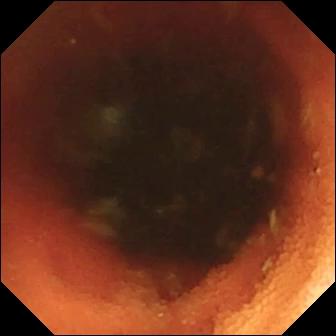Wireless capsule endoscopy view
Label: ileo-cecal valve region